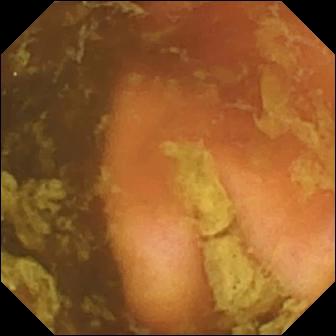WCE. Near an anatomical landmark. Location: ileo-cecal valve region (where the capsule passes from the small bowel into the large bowel).